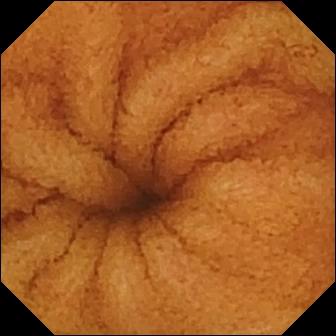PROCEDURE: WCE.
FINDINGS: Normal clean mucosa.